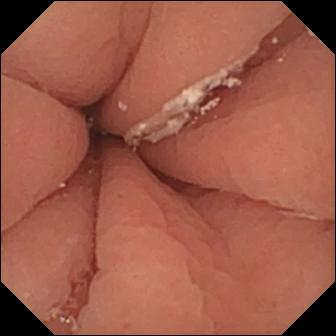WCE. Location: pylorus region.